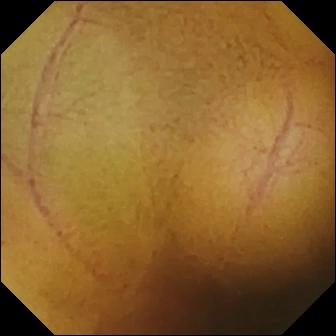- modality: WCE
- segment: small bowel
- category: luminal finding
- label: normal clean mucosa